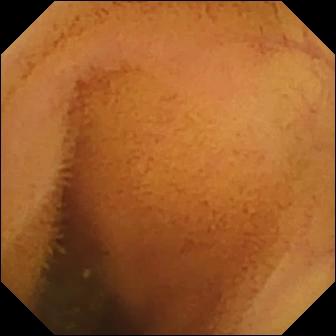Q: What does this wireless capsule endoscopy image of the small bowel show?
A: Normal clean mucosa.